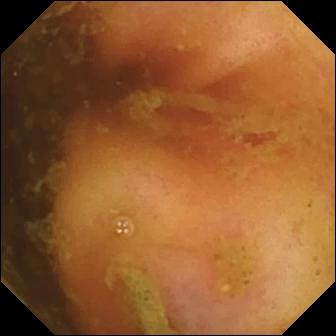VCE image. Taken in the ileo-cecal valve region.